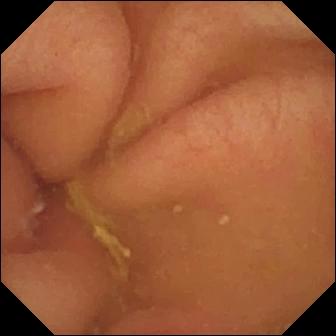modality: small-bowel capsule endoscopy
position: pylorus region (the junction between the stomach and the small bowel)